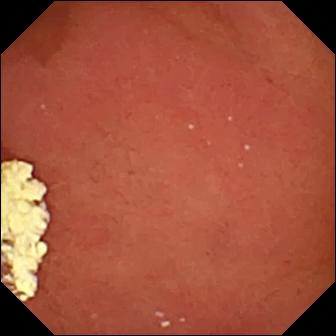WCE — pylorus region (the junction between the stomach and the small bowel).